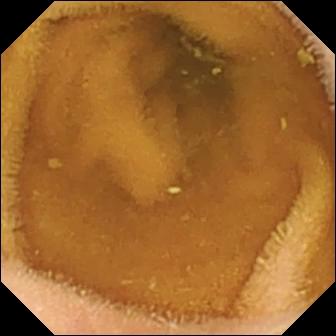PROCEDURE: Small-bowel capsule endoscopy.
SEGMENT: Small intestine.
FINDINGS: Normal clean mucosa.